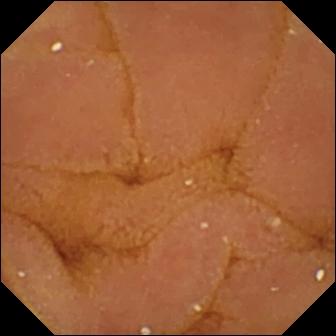Q: What does this VCE image of the small intestine show?
A: Normal clean mucosa.